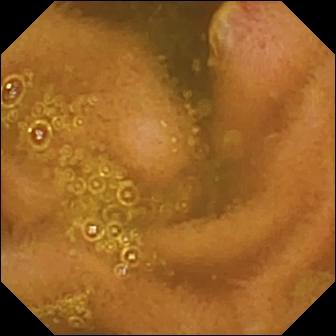Wireless capsule endoscopy snapshot
Impression: ulcer